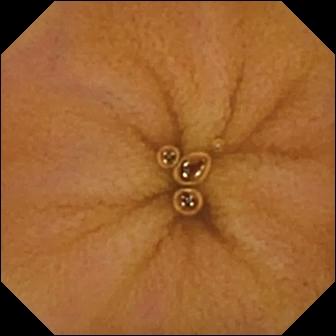This wireless capsule endoscopy view of the small intestine shows normal clean mucosa.